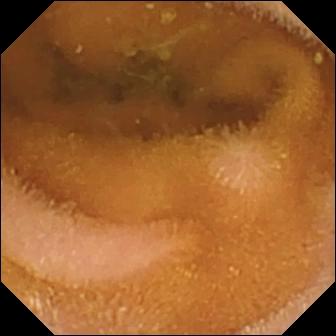PROCEDURE: WCE.
FINDINGS: Normal clean mucosa.